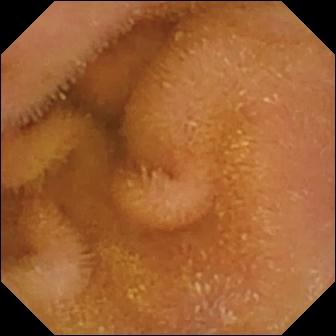VCE still (small bowel). Normal clean mucosa.